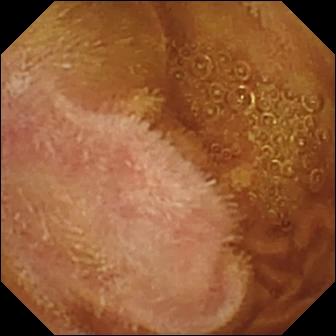- modality: wireless capsule endoscopy
- label: normal clean mucosa